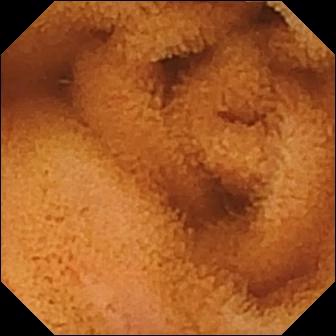- modality: video capsule endoscopy
- impression: normal clean mucosa